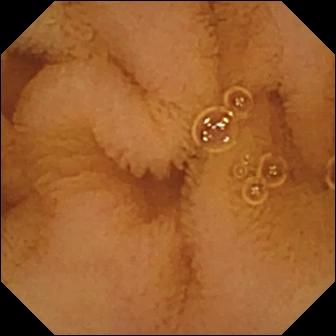{"modality": "video capsule endoscopy", "category": "luminal finding", "finding": "normal clean mucosa"}